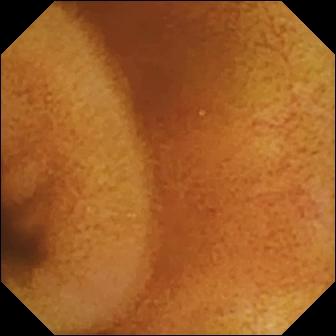Q: What does this wireless capsule endoscopy image of the small intestine show?
A: Normal clean mucosa.